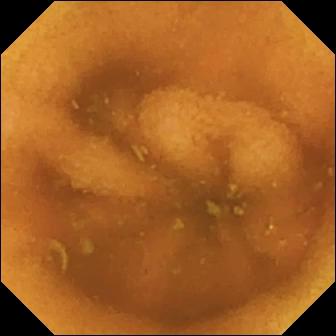This video capsule endoscopy still shows normal clean mucosa.